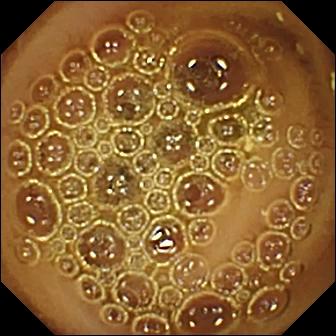Q: What does this video capsule endoscopy still show?
A: Normal clean mucosa.